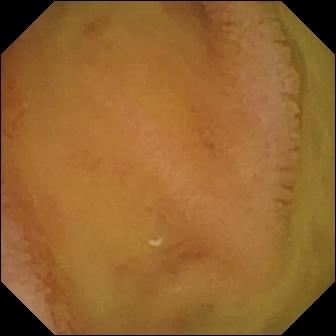modality: small-bowel capsule endoscopy | segment: small bowel | category: luminal finding | observation: normal clean mucosa